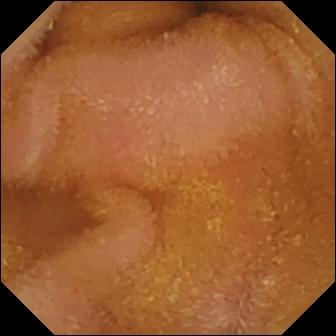Video capsule endoscopy still. Normal clean mucosa.